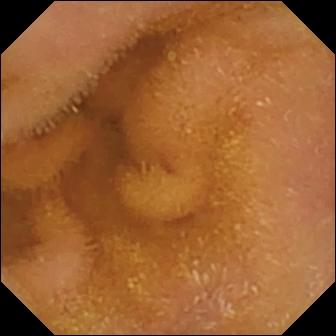Normal clean mucosa.